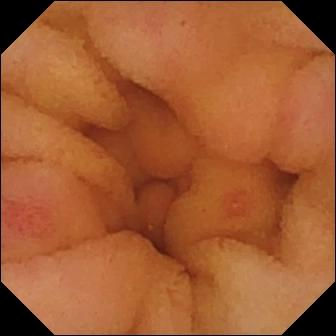- modality: wireless capsule endoscopy
- category: luminal finding
- observation: erosion